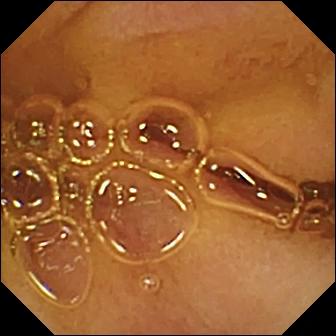This wireless capsule endoscopy snapshot shows normal clean mucosa.